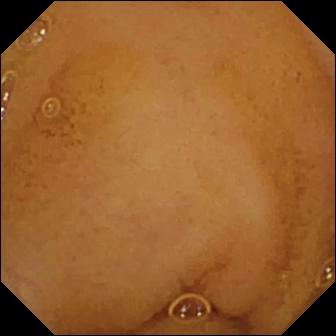modality: VCE | segment: small intestine | observation: normal clean mucosa